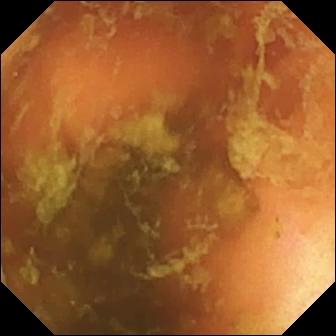Q: Where in the digestive tract was this small-bowel capsule endoscopy still taken?
A: Ileo-cecal valve region (the transition from the small bowel to the large bowel).